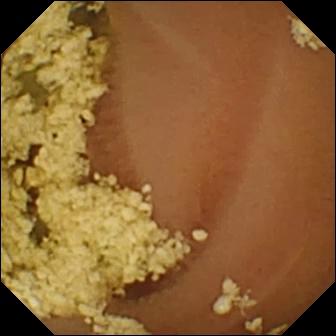Normal clean mucosa.